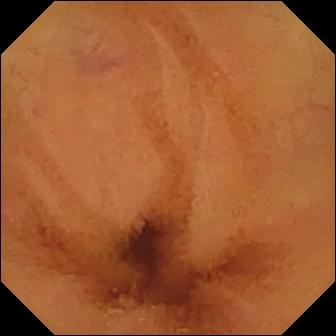- modality: capsule endoscopy
- segment: small bowel
- finding: normal clean mucosa